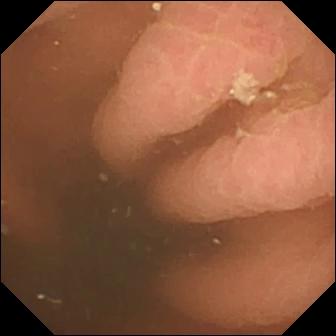Small-bowel capsule endoscopy snapshot taken in the pylorus region.